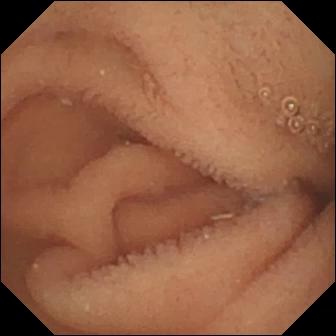{"modality": "capsule endoscopy", "finding": "normal clean mucosa"}